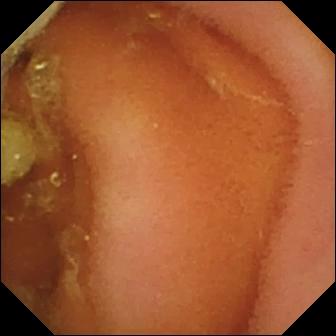- modality: wireless capsule endoscopy
- segment: small intestine
- category: luminal finding
- impression: normal clean mucosa